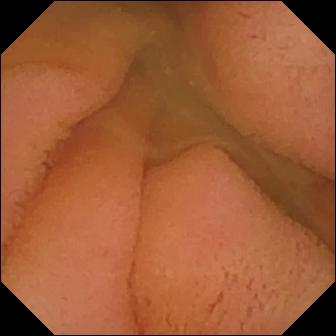Normal clean mucosa — wireless capsule endoscopy snapshot.